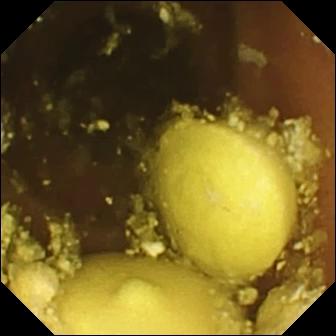modality: VCE
label: foreign body (e.g. retained capsule, tablet residue)